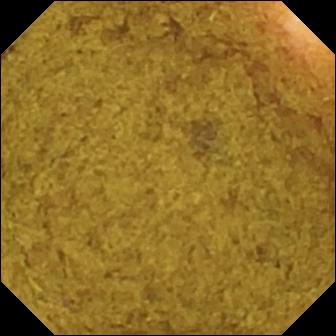Capsule endoscopy view taken in the ileo-cecal valve region (the transition from the small bowel to the large bowel).